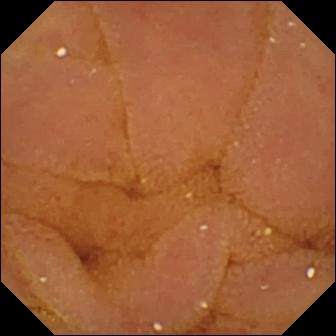This VCE image shows normal clean mucosa.